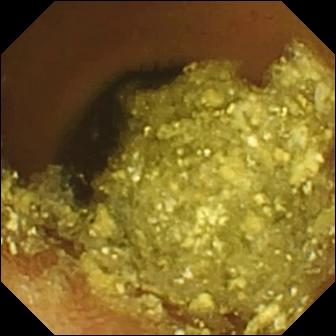PROCEDURE: Capsule endoscopy.
SEGMENT: Small bowel.
FINDINGS: Normal clean mucosa.